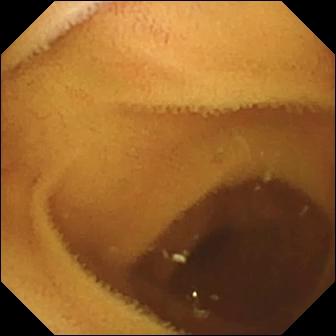modality: wireless capsule endoscopy; category: luminal finding; label: normal clean mucosa